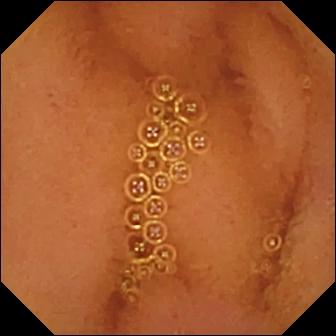Normal clean mucosa.